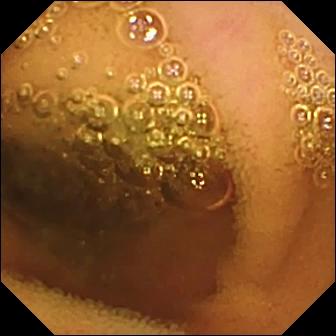Normal clean mucosa.